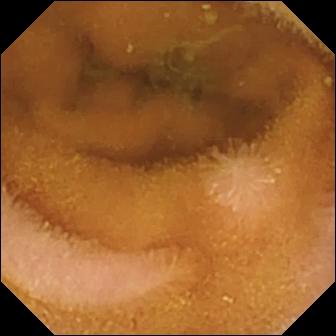Normal clean mucosa.